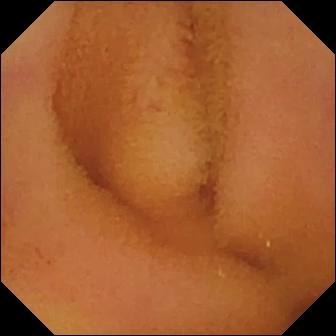{"modality": "video capsule endoscopy", "segment": "small intestine", "finding": "normal clean mucosa"}